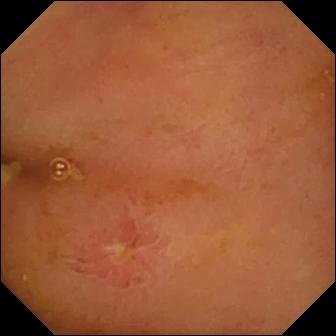Q: What does this video capsule endoscopy snapshot show?
A: Ulcer.